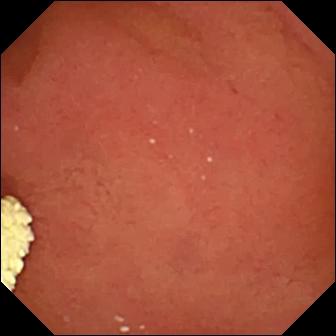VCE. Near an anatomical landmark. Video segment: pylorus region (where the capsule passes from the stomach into the small bowel).